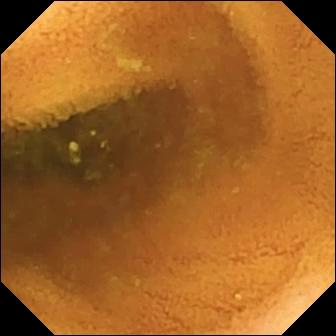Capsule endoscopy snapshot (small intestine). Normal clean mucosa.